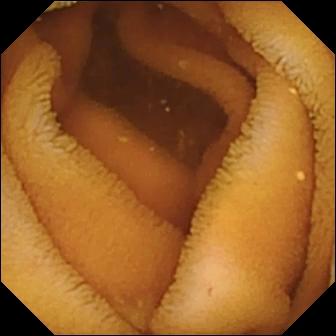Capsule endoscopy snapshot showing normal clean mucosa.